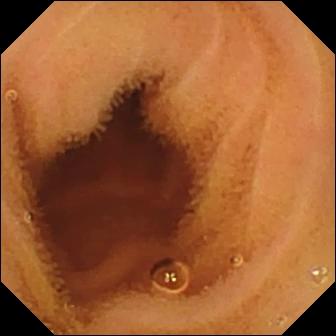PROCEDURE: WCE.
SEGMENT: Small bowel.
FINDINGS: Normal clean mucosa.